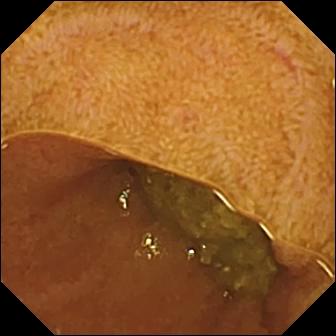modality: capsule endoscopy
video segment: ileo-cecal valve region